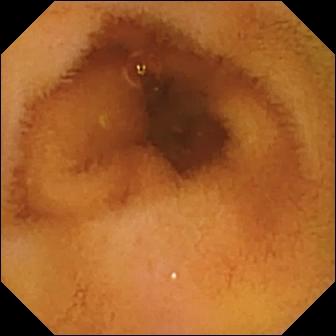Wireless capsule endoscopy image. Normal clean mucosa.